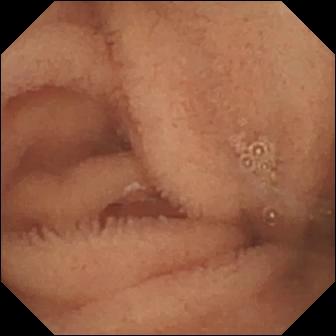{"modality": "WCE", "finding": "normal clean mucosa"}